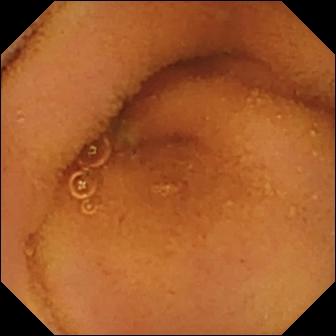modality: video capsule endoscopy | label: normal clean mucosa